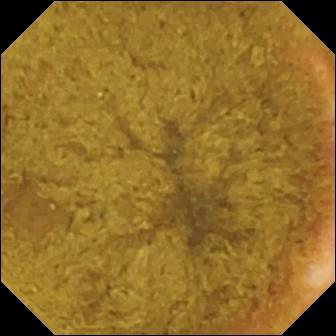WCE snapshot
Location: ileo-cecal valve region (the transition from the small bowel to the large bowel)